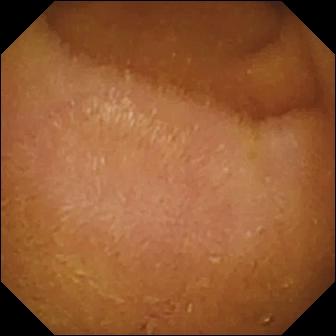Q: What does this small-bowel capsule endoscopy snapshot show?
A: Normal clean mucosa.